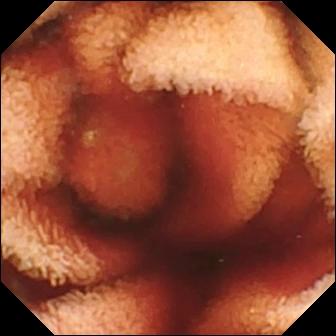Capsule endoscopy. Impression: fresh blood in the lumen.